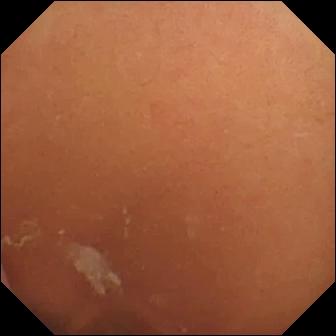Video capsule endoscopy — normal clean mucosa.